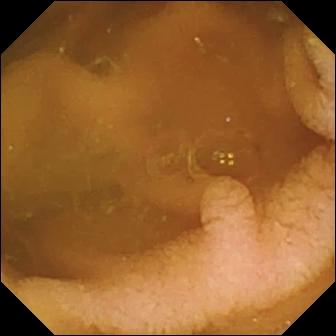Normal clean mucosa — capsule endoscopy frame.